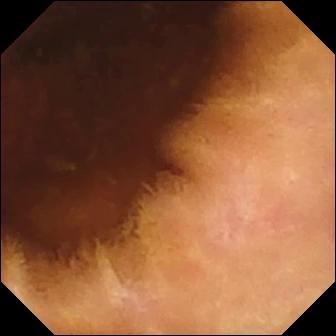Normal clean mucosa — small-bowel capsule endoscopy image of the small intestine.